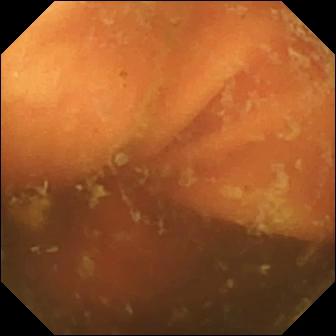Q: Where in the digestive tract was this small-bowel capsule endoscopy view taken?
A: Ileo-cecal valve region (where the capsule passes from the small bowel into the large bowel).